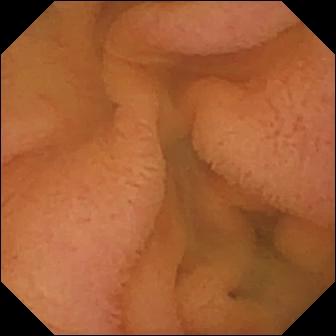modality: wireless capsule endoscopy
finding: normal clean mucosa